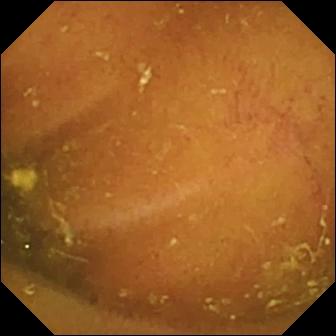Q: Where in the digestive tract was this wireless capsule endoscopy snapshot taken?
A: Ileo-cecal valve region (the transition from the small bowel to the large bowel).